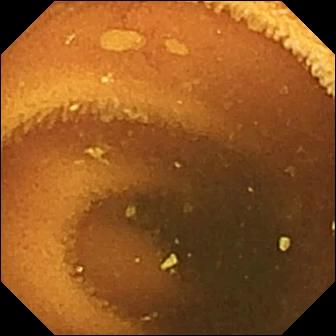Normal clean mucosa — small-bowel capsule endoscopy snapshot of the small intestine.